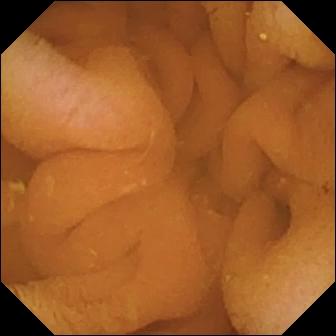WCE still showing normal clean mucosa.